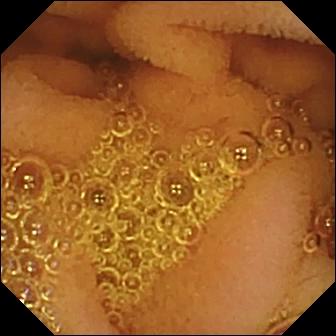Wireless capsule endoscopy still of the small intestine showing normal clean mucosa.